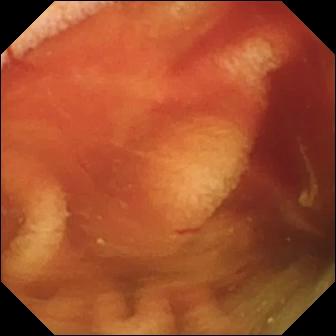Q: What does this VCE still show?
A: Fresh blood in the lumen.